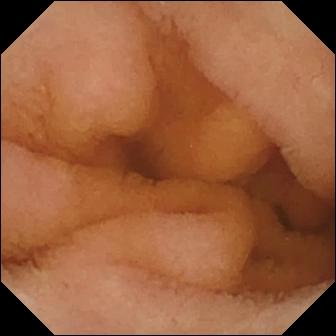Q: What does this video capsule endoscopy view show?
A: Normal clean mucosa.